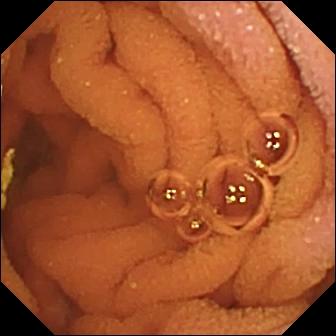- modality: WCE
- observation: normal clean mucosa